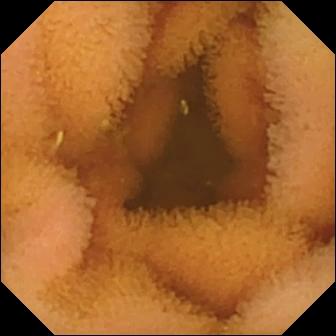modality: wireless capsule endoscopy; segment: small bowel; impression: normal clean mucosa